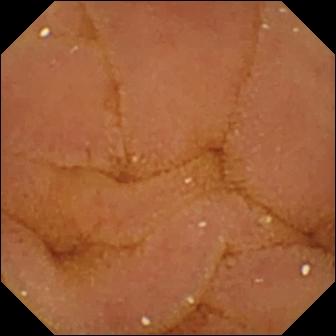Capsule endoscopy still. Normal clean mucosa.